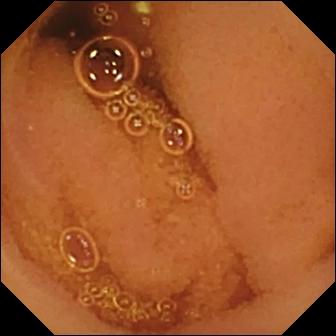Video capsule endoscopy snapshot
Impression: normal clean mucosa